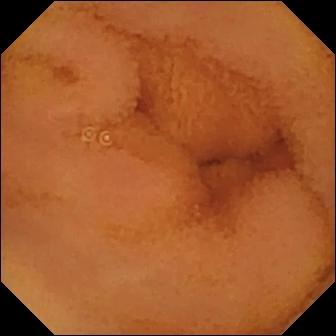VCE — normal clean mucosa.